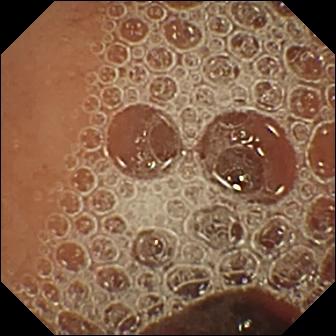- modality: WCE
- category: luminal finding
- observation: normal clean mucosa